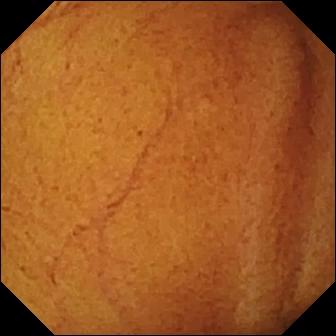Small-bowel capsule endoscopy snapshot of the small intestine showing normal clean mucosa.